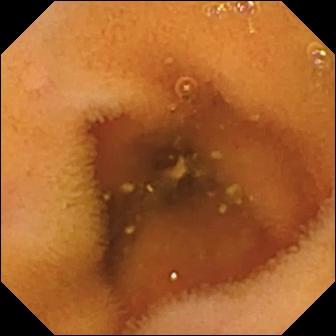WCE — normal clean mucosa.